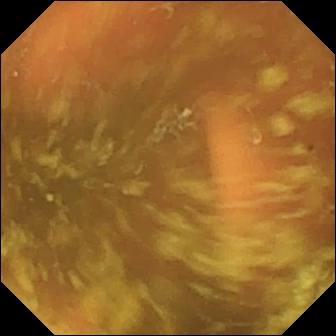WCE — ileo-cecal valve region (where the capsule passes from the small bowel into the large bowel).